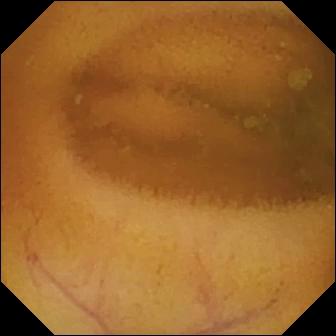Normal clean mucosa — capsule endoscopy snapshot.